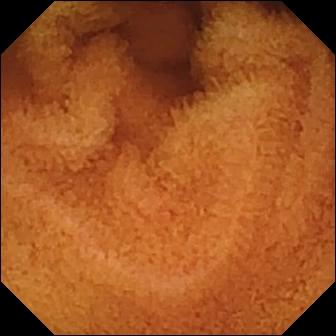Video capsule endoscopy view
Observation: normal clean mucosa